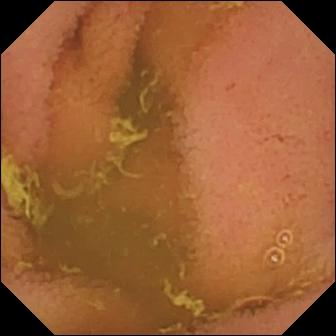PROCEDURE: Small-bowel capsule endoscopy.
SEGMENT: Small bowel.
FINDINGS: Normal clean mucosa.